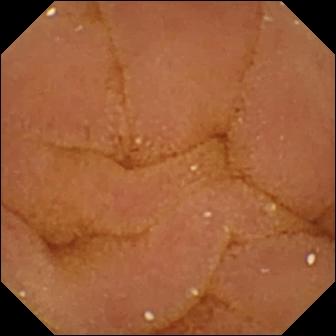Q: What does this small-bowel capsule endoscopy frame of the small intestine show?
A: Normal clean mucosa.